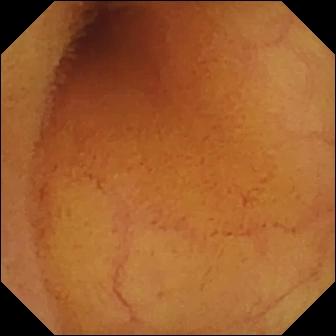Small-bowel capsule endoscopy. Luminal finding. Observation: normal clean mucosa.